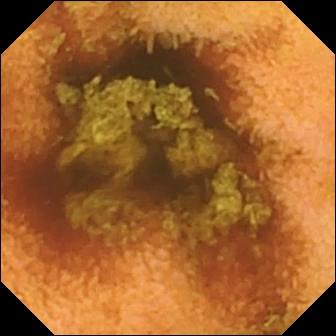VCE image
Finding: normal clean mucosa